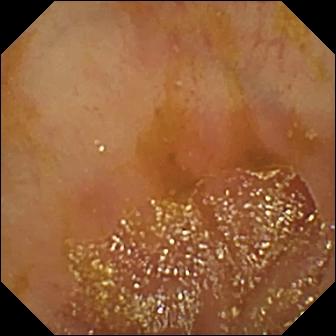PROCEDURE: Capsule endoscopy.
VIDEO SEGMENT: Ileo-cecal valve region (the transition from the small bowel to the large bowel).